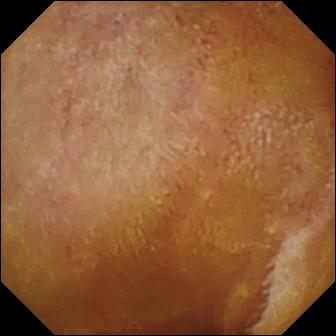{"modality": "WCE", "category": "luminal finding", "finding": "normal clean mucosa"}